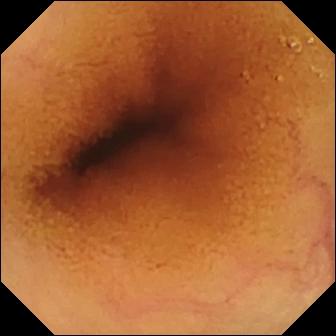- modality: wireless capsule endoscopy
- segment: small intestine
- category: luminal finding
- impression: normal clean mucosa